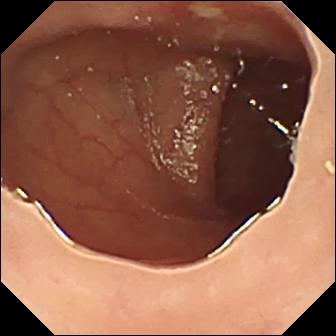VCE — ulcer.